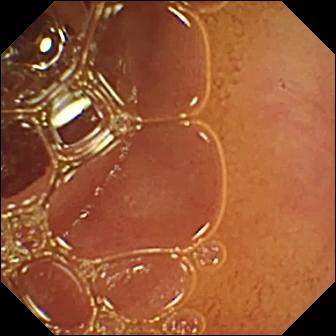This wireless capsule endoscopy still shows normal clean mucosa.